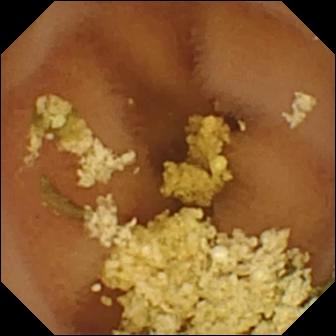Capsule endoscopy — normal clean mucosa.